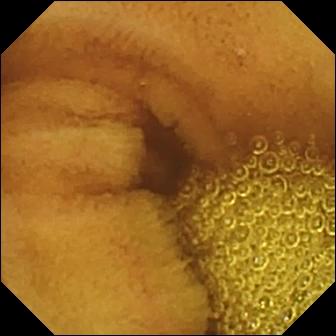Video capsule endoscopy. Label: normal clean mucosa.